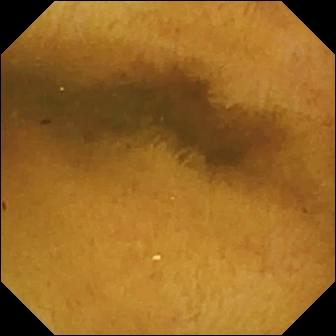Normal clean mucosa — small-bowel capsule endoscopy frame.